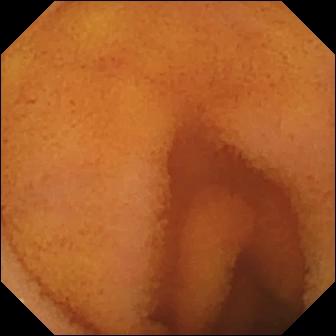PROCEDURE: VCE.
FINDINGS: Normal clean mucosa.